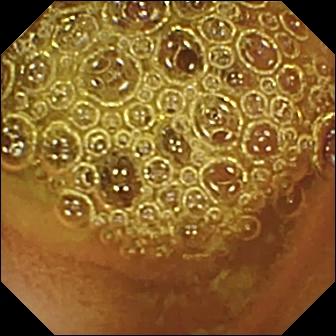VCE. Small intestine. Luminal finding. Finding: normal clean mucosa.